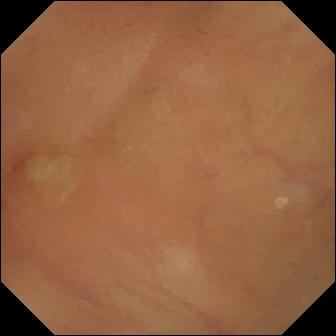{"modality": "VCE", "segment": "small intestine", "finding": "normal clean mucosa"}